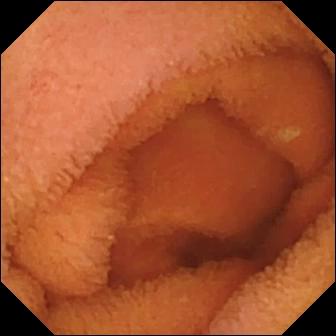Video capsule endoscopy snapshot, small bowel
Finding: normal clean mucosa